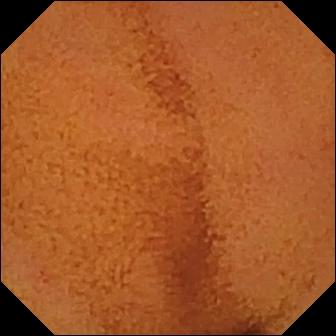PROCEDURE: Video capsule endoscopy.
FINDINGS: Normal clean mucosa.